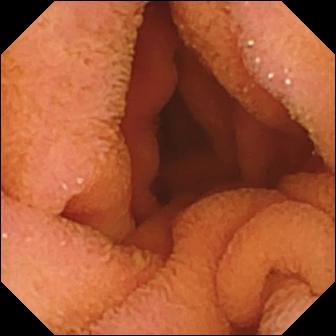- modality: small-bowel capsule endoscopy
- segment: small bowel
- finding: normal clean mucosa